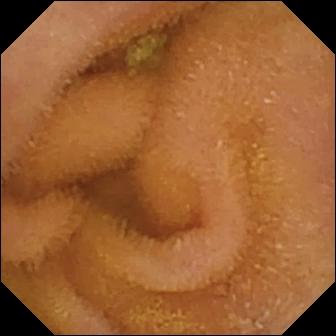This small-bowel capsule endoscopy snapshot shows normal clean mucosa.